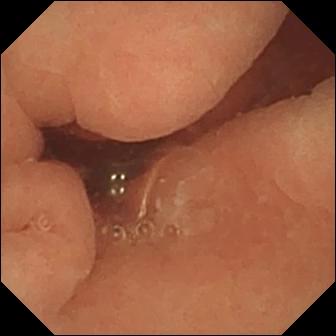Small-bowel capsule endoscopy snapshot
Impression: normal clean mucosa